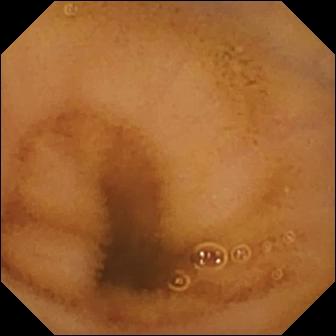- modality: video capsule endoscopy
- segment: small bowel
- category: luminal finding
- observation: normal clean mucosa